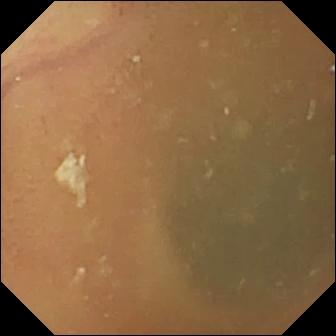This small-bowel capsule endoscopy frame of the small intestine shows normal clean mucosa.